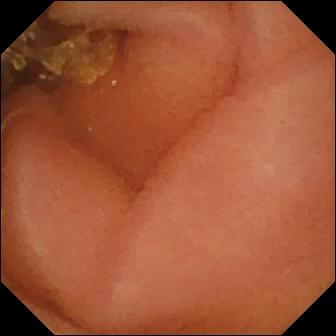Video capsule endoscopy snapshot
Label: normal clean mucosa